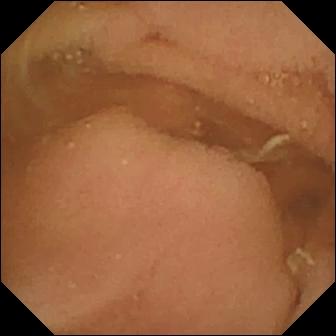VCE. Impression: normal clean mucosa.